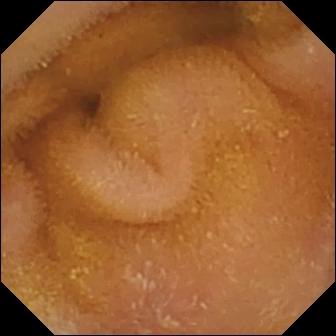Normal clean mucosa.